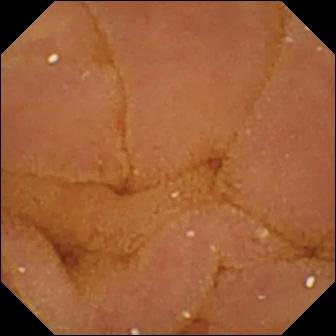Normal clean mucosa (336×336).